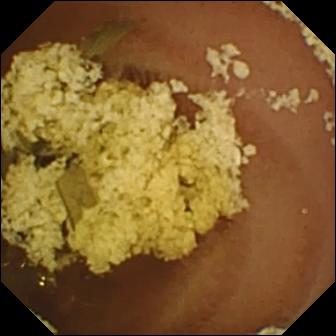Normal clean mucosa — wireless capsule endoscopy image.